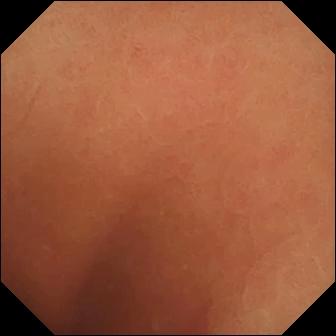Small-bowel capsule endoscopy view
Impression: normal clean mucosa